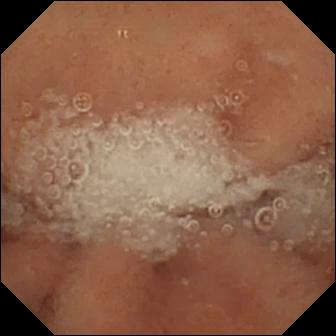Video capsule endoscopy. Label: normal clean mucosa.